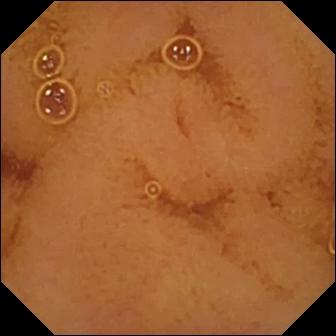This capsule endoscopy image of the small bowel shows normal clean mucosa.